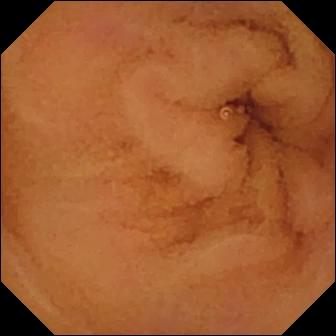VCE — normal clean mucosa.